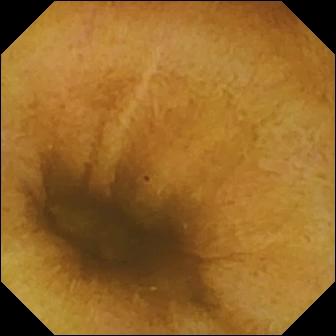Normal clean mucosa — video capsule endoscopy snapshot of the small bowel.